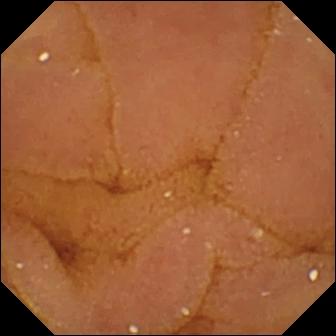modality: video capsule endoscopy; segment: small bowel; category: luminal finding; label: normal clean mucosa